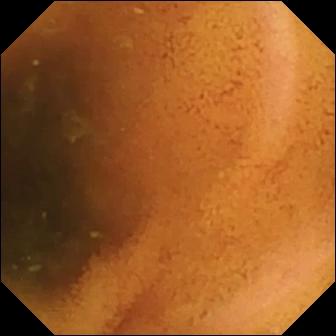Wireless capsule endoscopy still
Impression: normal clean mucosa